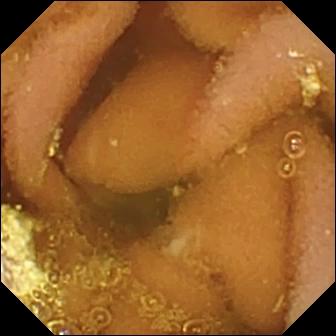Q: What does this capsule endoscopy frame show?
A: Lymphangiectasia.